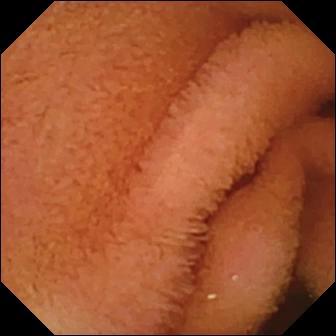- modality: wireless capsule endoscopy
- segment: small bowel
- impression: normal clean mucosa